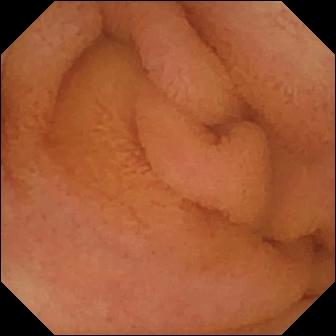Wireless capsule endoscopy snapshot. Normal clean mucosa.